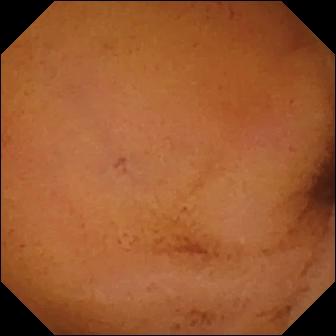Wireless capsule endoscopy — normal clean mucosa.